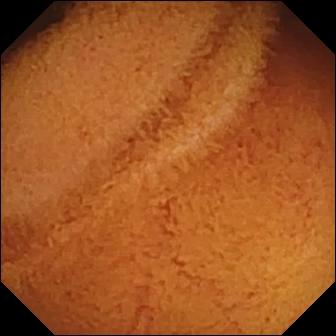Q: What does this small-bowel capsule endoscopy still show?
A: Normal clean mucosa.